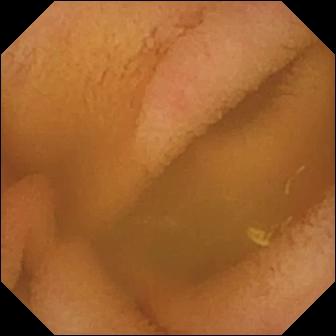This capsule endoscopy still shows normal clean mucosa.